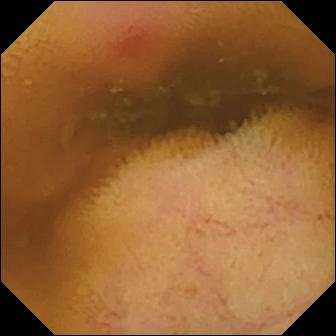VCE snapshot showing erythema (mucosal redness).